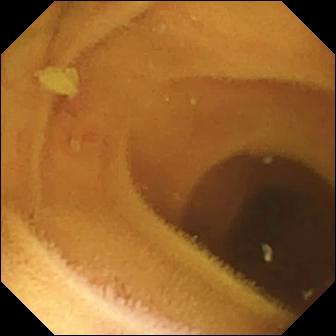Video capsule endoscopy image, small intestine
Finding: normal clean mucosa